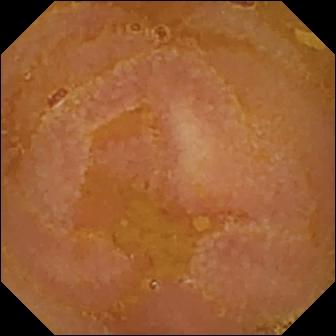WCE — reduced mucosal view (content or bubbles obscuring the mucosa).